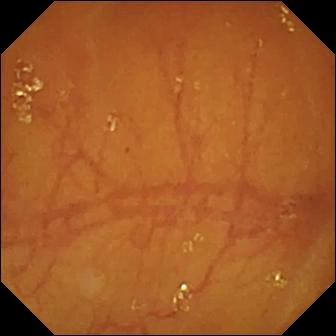Capsule endoscopy frame taken in the ileo-cecal valve region (where the capsule passes from the small bowel into the large bowel).